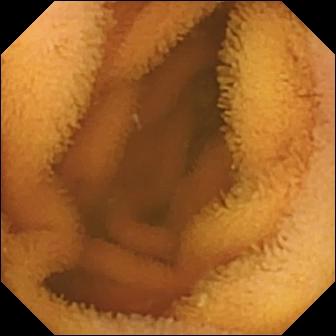This VCE snapshot shows normal clean mucosa.